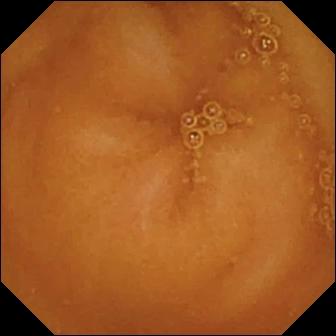Video capsule endoscopy view (small intestine). Normal clean mucosa.